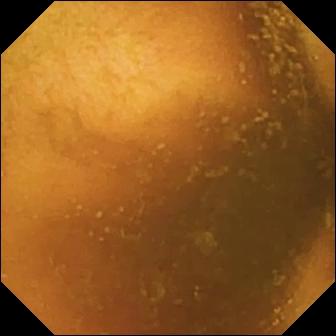Capsule endoscopy — normal clean mucosa.